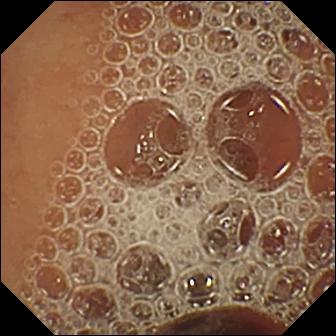Video capsule endoscopy — normal clean mucosa.